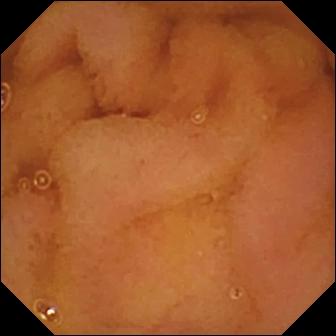Normal clean mucosa — small-bowel capsule endoscopy view.